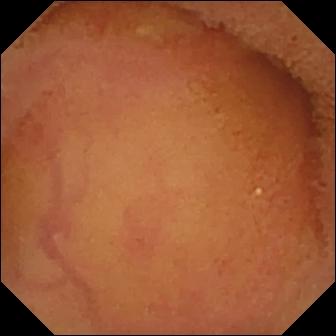PROCEDURE: Wireless capsule endoscopy.
FINDINGS: Normal clean mucosa.